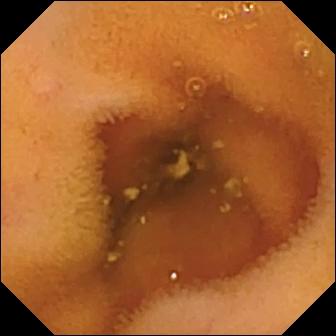{"modality": "small-bowel capsule endoscopy", "finding": "normal clean mucosa"}